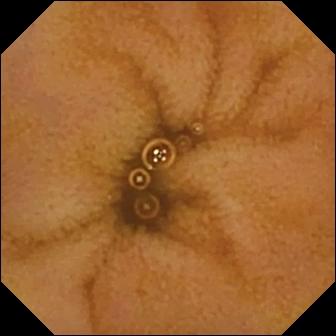modality: wireless capsule endoscopy
finding: normal clean mucosa